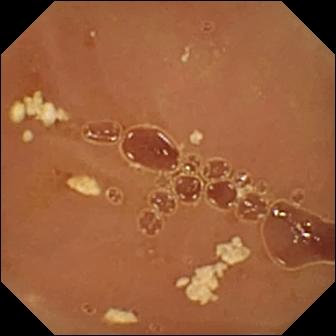Capsule endoscopy still
Label: normal clean mucosa